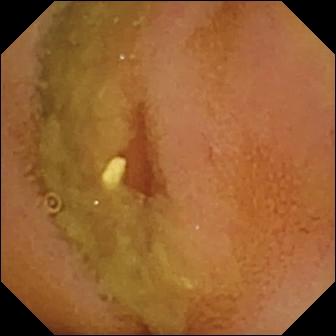- modality: wireless capsule endoscopy
- segment: small intestine
- label: normal clean mucosa